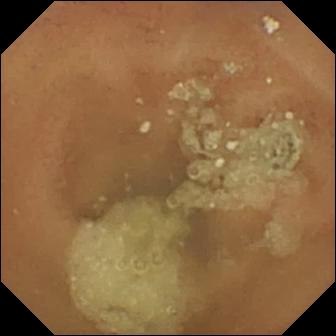Normal clean mucosa (336×336).